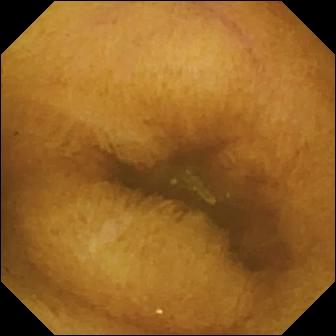{"modality": "capsule endoscopy", "finding": "normal clean mucosa"}